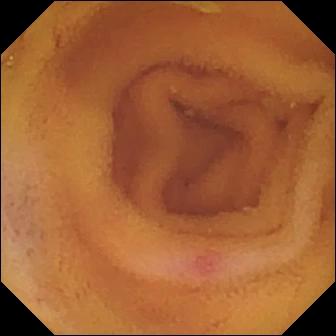- modality: WCE
- impression: angiectasia